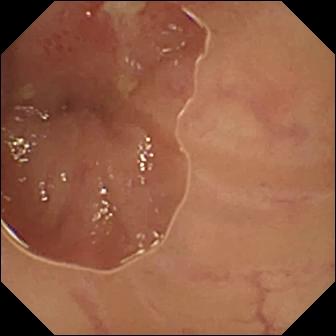VCE. Label: ulcer.